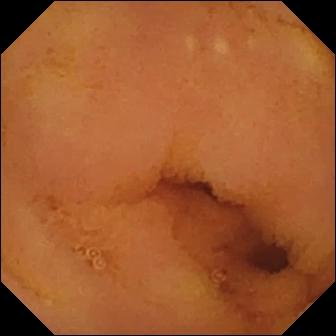Small-bowel capsule endoscopy snapshot, small intestine
Finding: normal clean mucosa